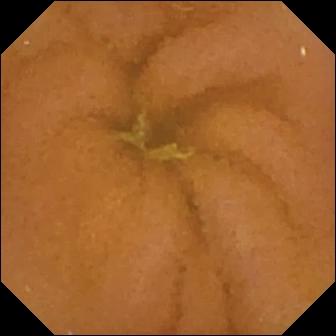VCE snapshot, small bowel
Impression: normal clean mucosa